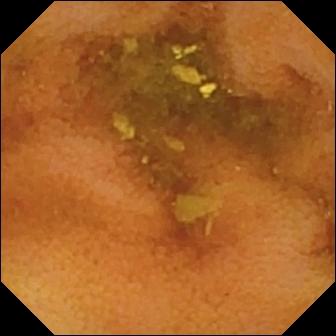modality: VCE; observation: normal clean mucosa